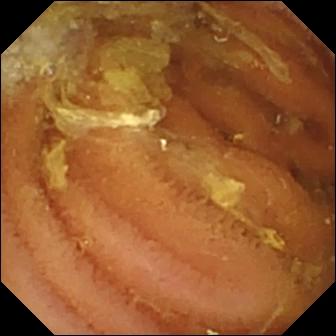Normal clean mucosa — VCE frame of the small intestine.